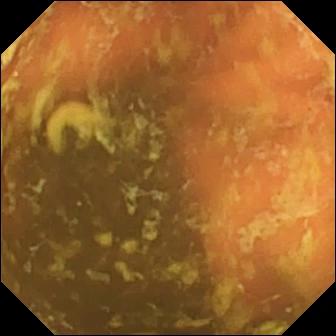WCE. Near an anatomical landmark. Position: ileo-cecal valve region.